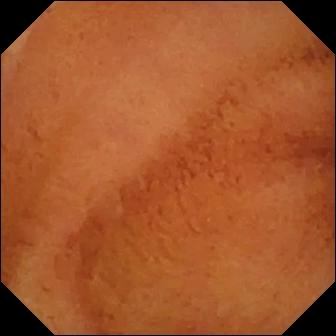Normal clean mucosa (336×336).